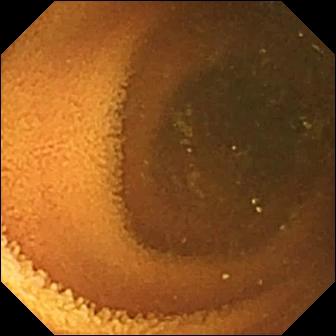Normal clean mucosa (336×336).